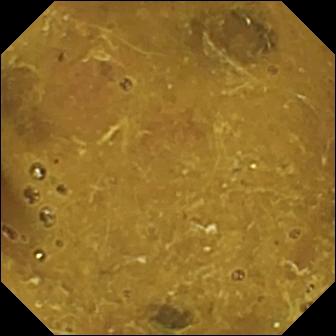This small-bowel capsule endoscopy image was taken in the ileo-cecal valve region.